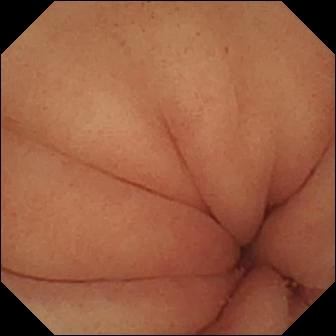- modality: WCE
- category: anatomical landmark
- label: pylorus region (where the capsule passes from the stomach into the small bowel)